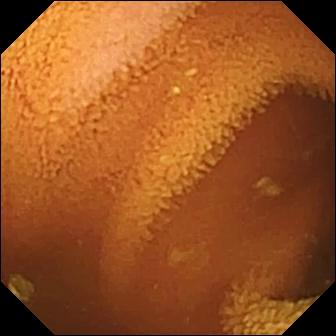Normal clean mucosa — wireless capsule endoscopy snapshot.